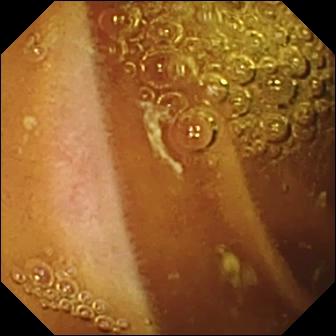Normal clean mucosa — video capsule endoscopy view.